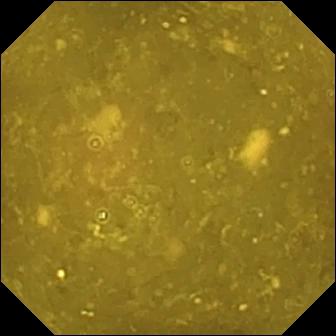{"modality": "video capsule endoscopy", "category": "anatomical landmark", "position": "ileo-cecal valve region (the transition from the small bowel to the large bowel)"}